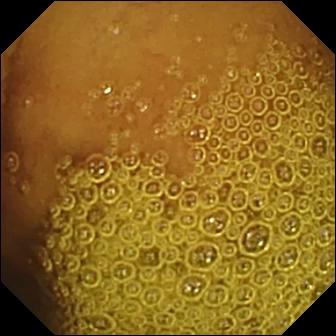Normal clean mucosa.